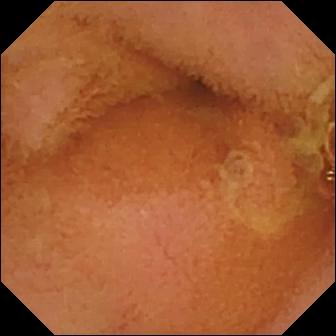Capsule endoscopy image (small intestine). Normal clean mucosa.